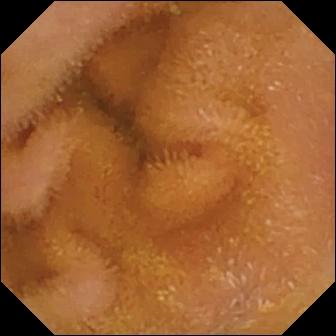- modality: VCE
- segment: small bowel
- observation: normal clean mucosa